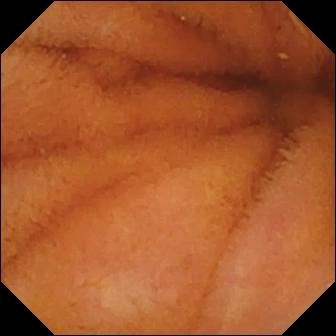Normal clean mucosa — VCE snapshot.